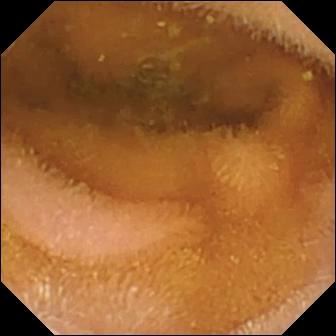Wireless capsule endoscopy. Finding: normal clean mucosa.